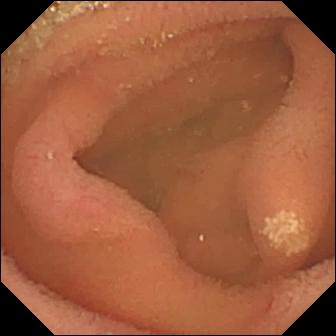VCE. Impression: lymphangiectasia.